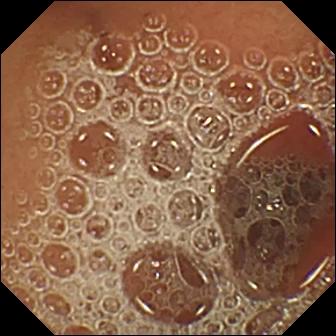Wireless capsule endoscopy — normal clean mucosa.